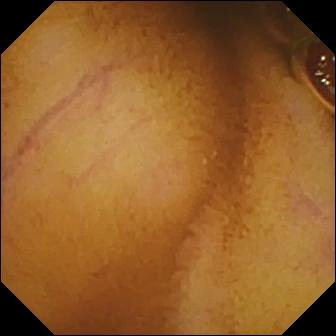Q: What does this video capsule endoscopy still show?
A: Normal clean mucosa.